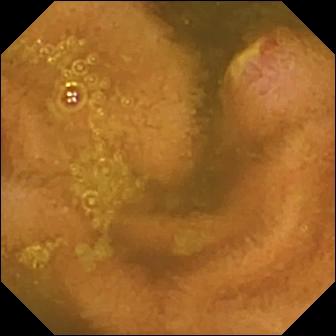VCE snapshot. Ulcer.